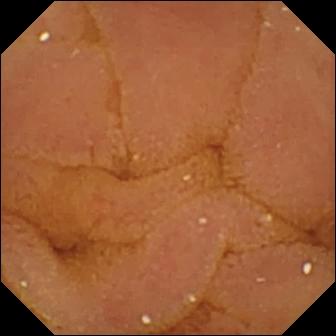- modality: video capsule endoscopy
- segment: small intestine
- finding: normal clean mucosa